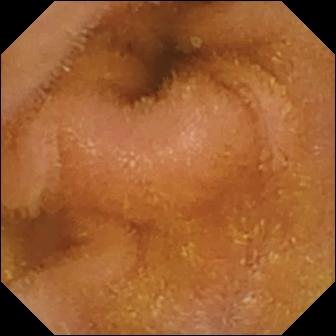PROCEDURE: Video capsule endoscopy.
FINDINGS: Normal clean mucosa.